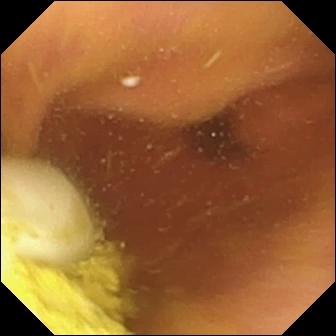Capsule endoscopy. Finding: foreign body (e.g. retained capsule, tablet residue).